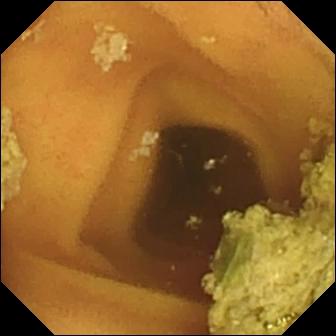Small-bowel capsule endoscopy. Observation: normal clean mucosa.